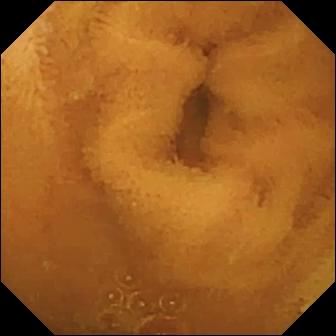This wireless capsule endoscopy snapshot of the small intestine shows normal clean mucosa.